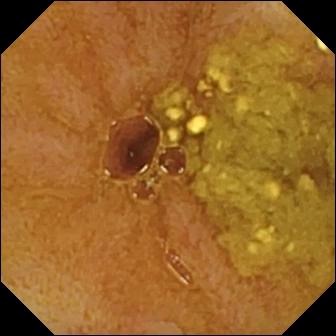Ileo-cecal valve region (the transition from the small bowel to the large bowel).